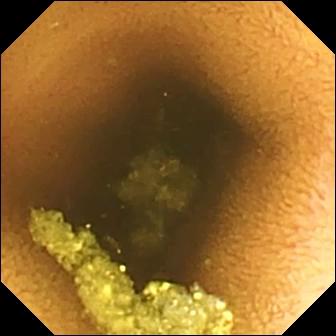PROCEDURE: Wireless capsule endoscopy.
FINDINGS: Normal clean mucosa.